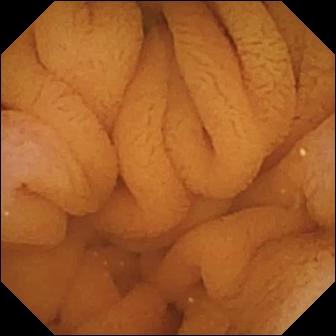PROCEDURE: WCE.
FINDINGS: Normal clean mucosa.